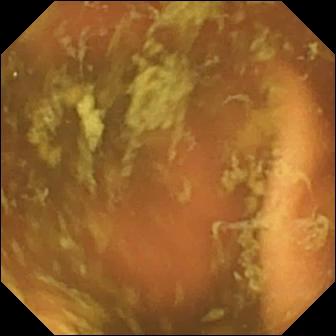WCE image
Position: ileo-cecal valve region (where the capsule passes from the small bowel into the large bowel)